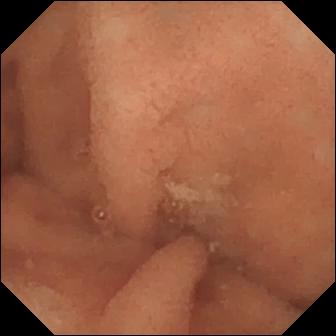VCE. Finding: normal clean mucosa.